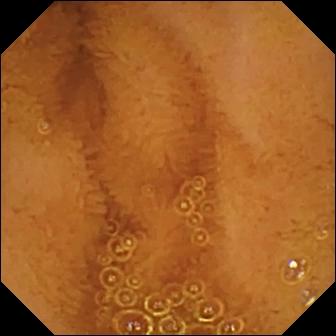- modality: capsule endoscopy
- finding: normal clean mucosa